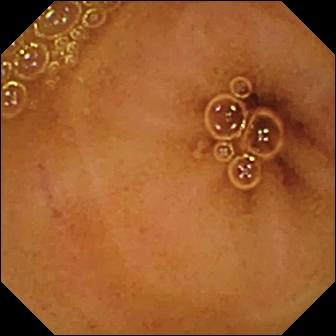Small-bowel capsule endoscopy. Luminal finding. Label: normal clean mucosa.